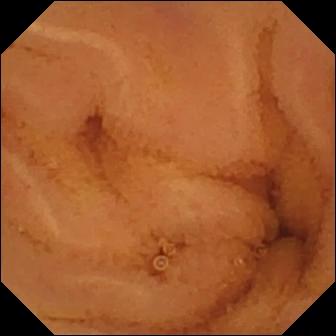Normal clean mucosa.